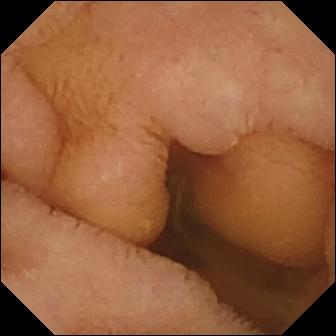WCE view, small bowel
Finding: normal clean mucosa